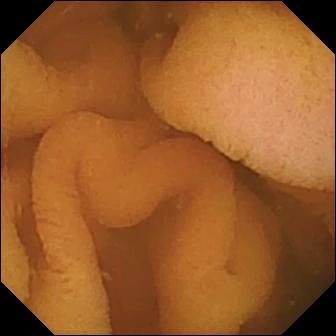Q: What does this video capsule endoscopy image of the small intestine show?
A: Normal clean mucosa.